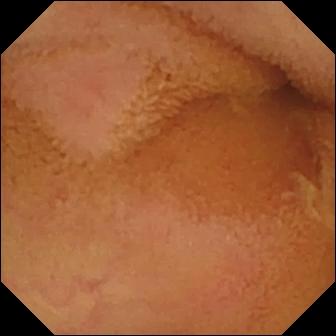Normal clean mucosa.